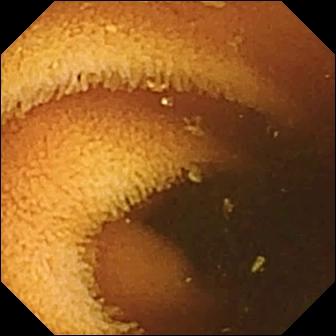- modality: WCE
- segment: small intestine
- finding: normal clean mucosa